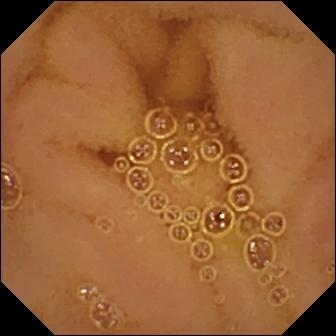{"modality": "small-bowel capsule endoscopy", "segment": "small intestine", "finding": "normal clean mucosa"}